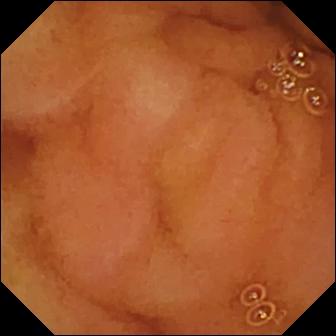modality: video capsule endoscopy | finding: normal clean mucosa